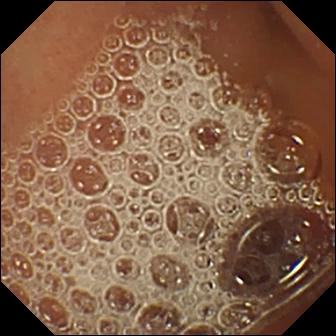This small-bowel capsule endoscopy frame shows normal clean mucosa.